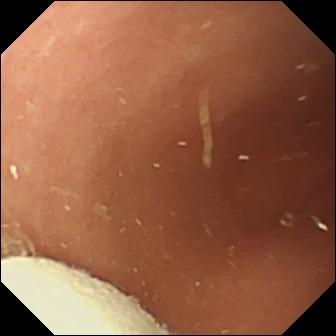Capsule endoscopy — foreign body (e.g. retained capsule, tablet residue).